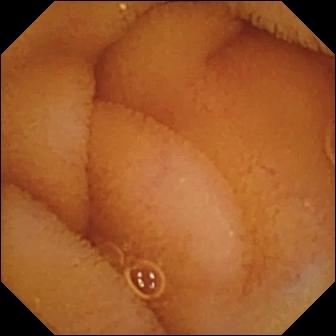Small-bowel capsule endoscopy frame showing normal clean mucosa.